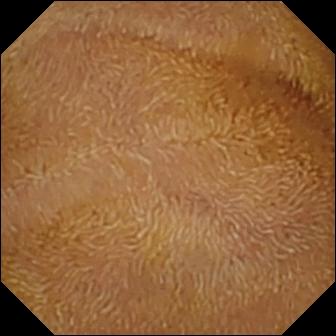PROCEDURE: Small-bowel capsule endoscopy.
SEGMENT: Small intestine.
FINDINGS: Normal clean mucosa.